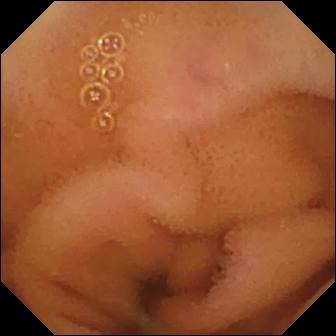This small-bowel capsule endoscopy image shows normal clean mucosa.